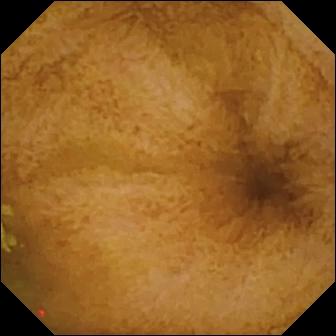Normal clean mucosa — wireless capsule endoscopy still of the small intestine.